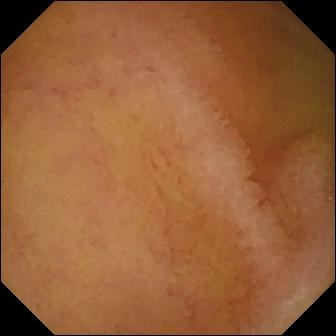PROCEDURE: Video capsule endoscopy.
SEGMENT: Small intestine.
FINDINGS: Normal clean mucosa.